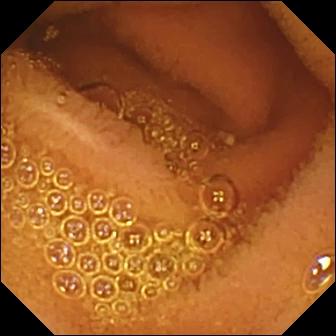WCE snapshot (small intestine). Normal clean mucosa.